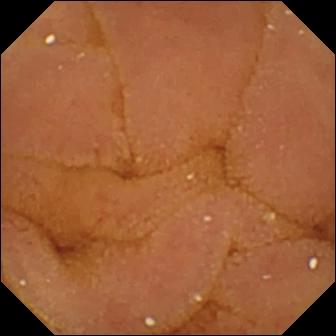Q: What does this wireless capsule endoscopy snapshot show?
A: Normal clean mucosa.